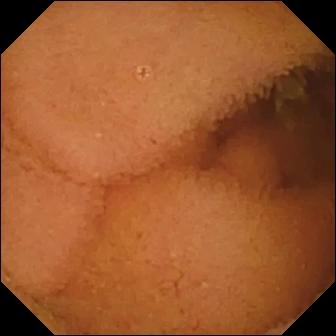VCE still. Normal clean mucosa.